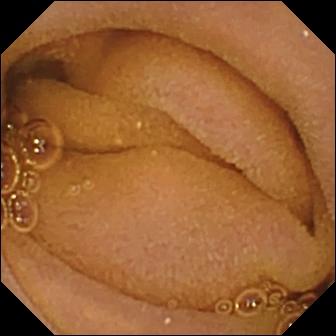- modality: WCE
- segment: small bowel
- observation: normal clean mucosa